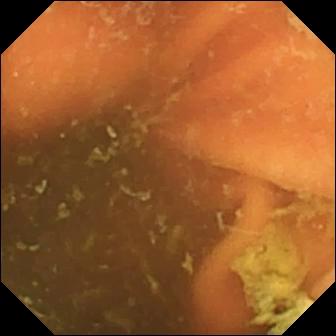Small-bowel capsule endoscopy frame. Taken in the ileo-cecal valve region (where the capsule passes from the small bowel into the large bowel).